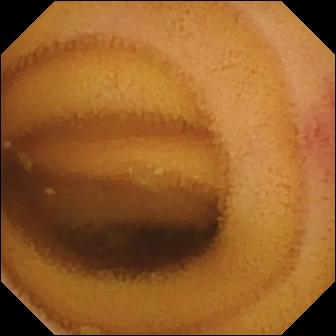{"modality": "video capsule endoscopy", "category": "luminal finding", "finding": "angiectasia"}